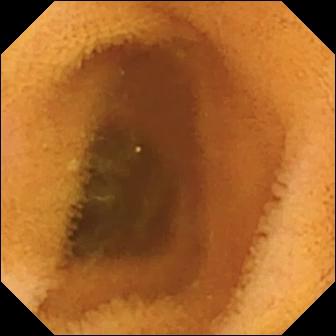Capsule endoscopy snapshot, small bowel
Finding: normal clean mucosa